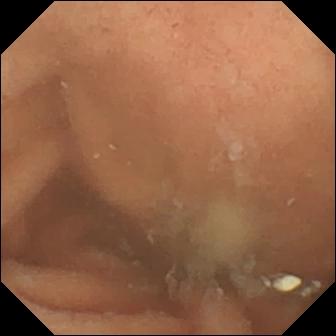- modality: small-bowel capsule endoscopy
- segment: small intestine
- category: luminal finding
- observation: normal clean mucosa